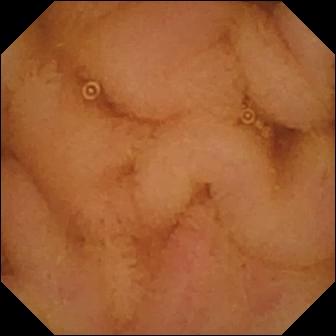WCE — normal clean mucosa.